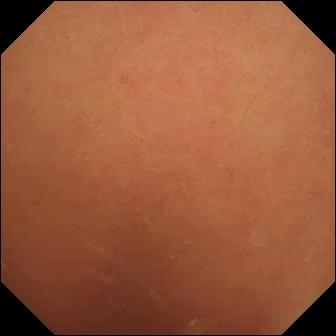Small-bowel capsule endoscopy — normal clean mucosa.